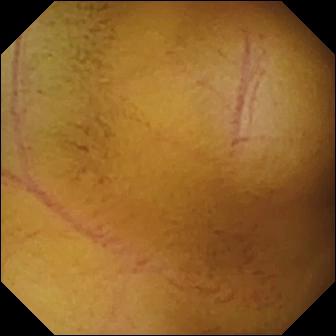Normal clean mucosa — WCE frame.